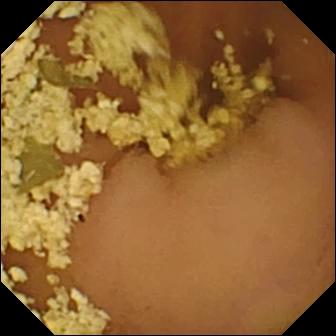PROCEDURE: VCE.
SEGMENT: Small intestine.
FINDINGS: Normal clean mucosa.